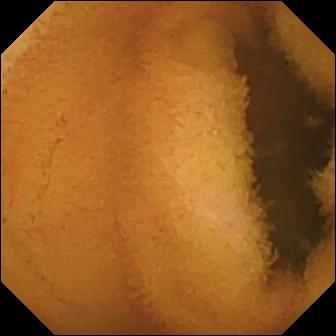Small-bowel capsule endoscopy. Luminal finding. Finding: normal clean mucosa.